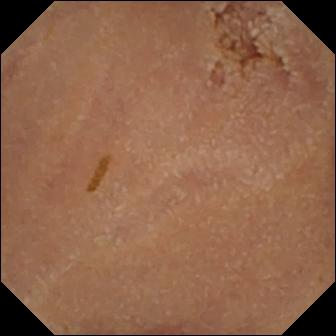Normal clean mucosa.